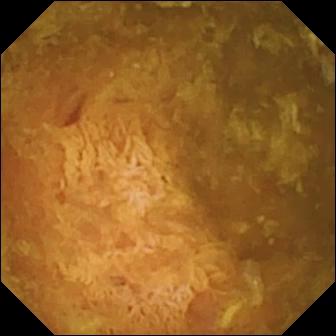PROCEDURE: Video capsule endoscopy.
FINDINGS: Reduced mucosal view (content or bubbles obscuring the mucosa).